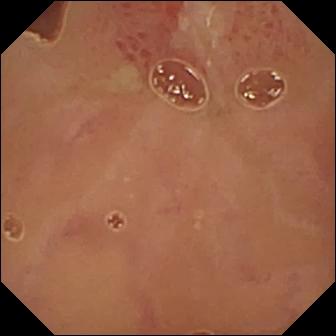- modality: WCE
- label: ulcer